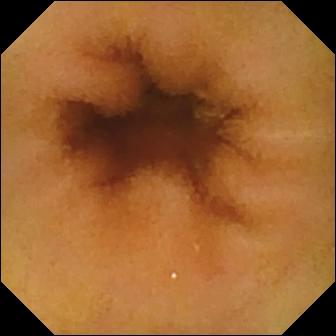This capsule endoscopy snapshot of the small bowel shows normal clean mucosa.